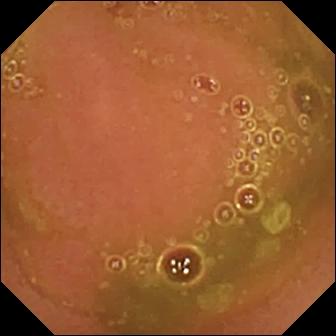Wireless capsule endoscopy view. Normal clean mucosa.